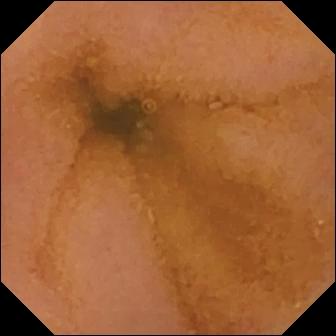Normal clean mucosa (336×336).